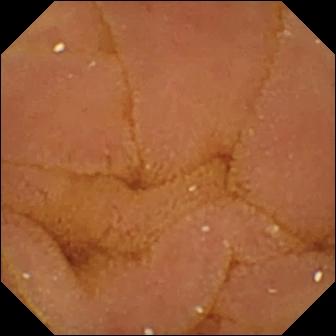WCE — normal clean mucosa.